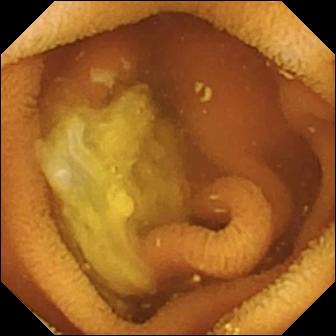- modality: capsule endoscopy
- finding: normal clean mucosa